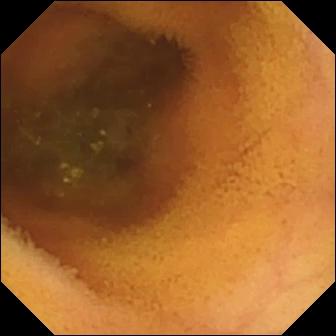This WCE view shows normal clean mucosa.